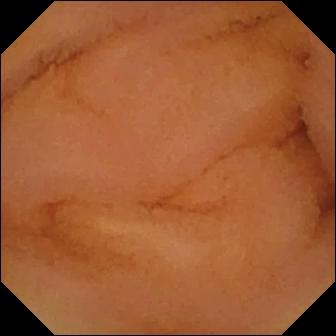Normal clean mucosa.